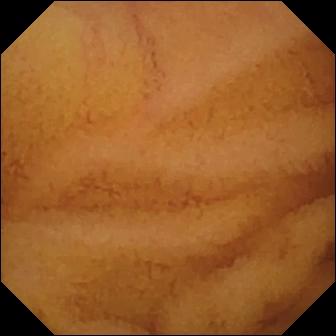Small-bowel capsule endoscopy still
Impression: normal clean mucosa